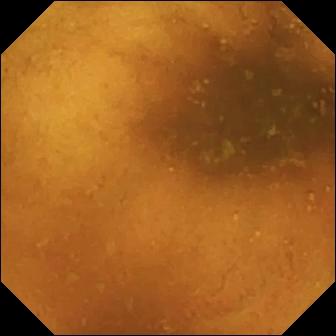Normal clean mucosa — VCE still of the small bowel.